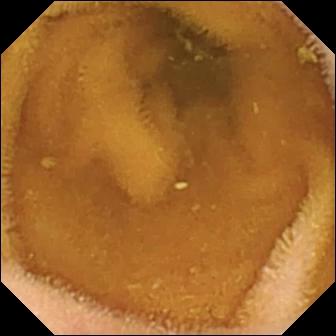WCE — normal clean mucosa.